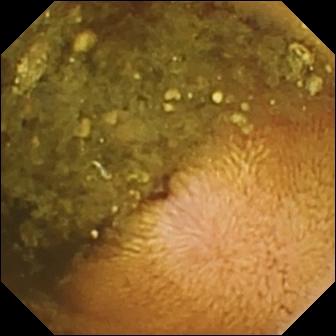Reduced mucosal view (content or bubbles obscuring the mucosa) — wireless capsule endoscopy view.